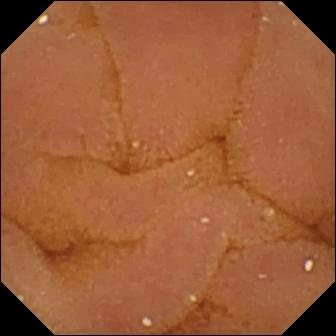VCE frame
Finding: normal clean mucosa